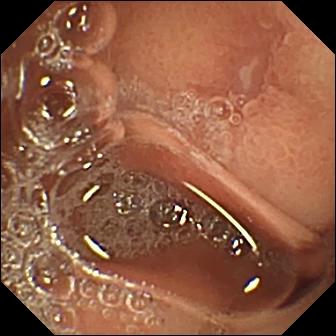Q: What does this wireless capsule endoscopy snapshot show?
A: Erosion.